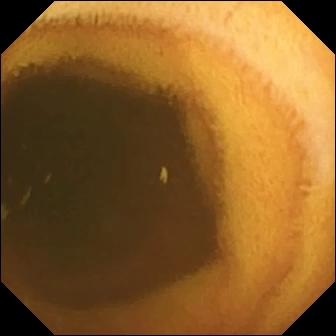modality: small-bowel capsule endoscopy; impression: normal clean mucosa